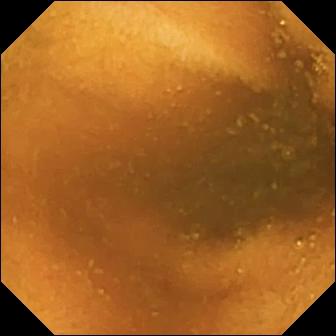Q: What does this video capsule endoscopy still of the small bowel show?
A: Normal clean mucosa.